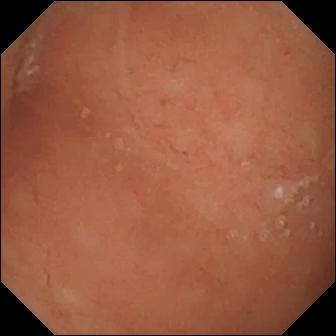Normal clean mucosa (336×336).